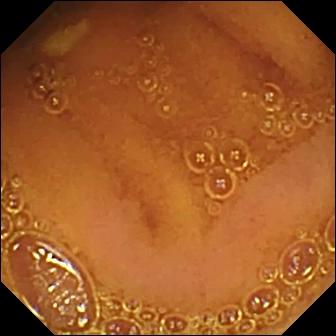Normal clean mucosa — video capsule endoscopy frame of the small intestine.